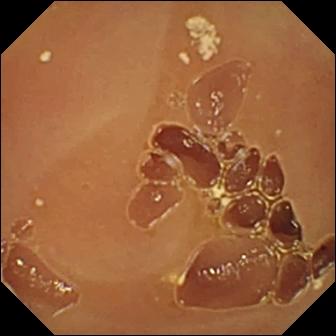WCE. Finding: normal clean mucosa.